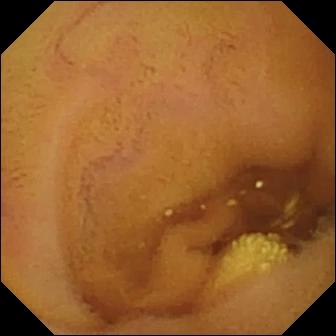WCE frame
Label: lymphangiectasia